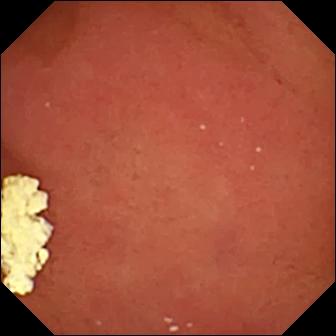WCE image taken in the pylorus region (where the capsule passes from the stomach into the small bowel).